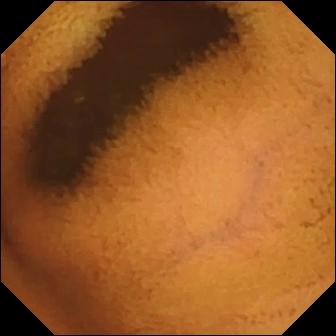- modality: WCE
- segment: small bowel
- impression: normal clean mucosa